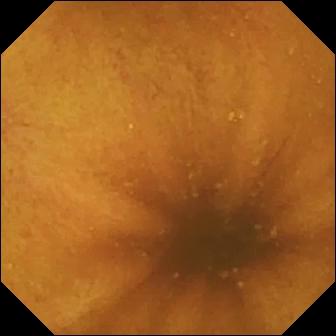Wireless capsule endoscopy — normal clean mucosa.